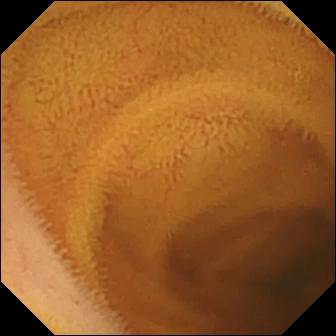Q: What does this capsule endoscopy snapshot of the small intestine show?
A: Normal clean mucosa.